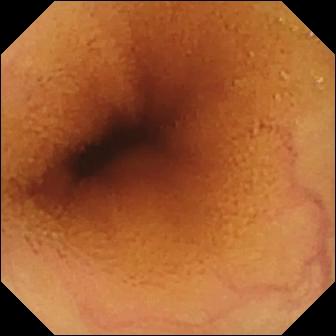Normal clean mucosa — small-bowel capsule endoscopy image of the small intestine.